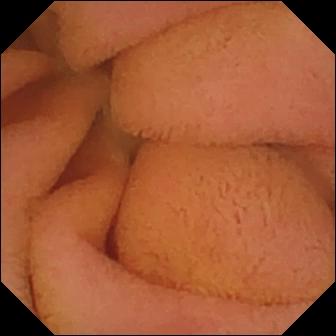VCE still of the small intestine showing normal clean mucosa.